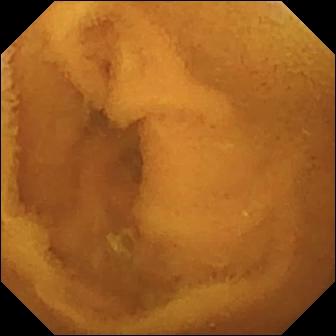modality: wireless capsule endoscopy; category: luminal finding; observation: normal clean mucosa